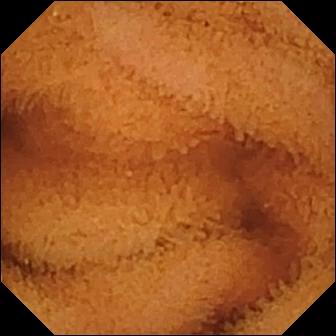modality: small-bowel capsule endoscopy
observation: normal clean mucosa